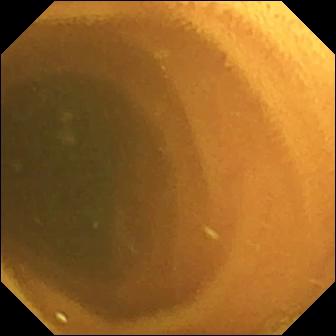Wireless capsule endoscopy still, small intestine
Impression: normal clean mucosa